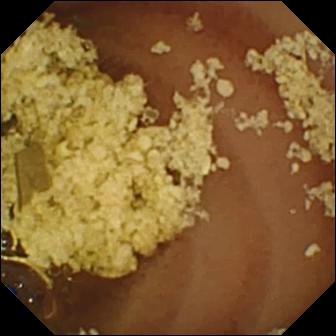WCE view. Normal clean mucosa.